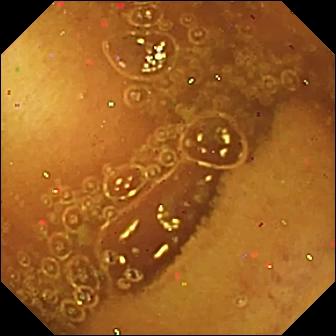- modality: capsule endoscopy
- segment: small intestine
- impression: normal clean mucosa